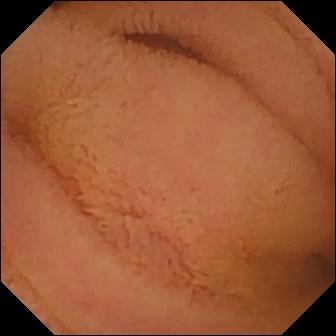VCE view (small bowel). Normal clean mucosa.